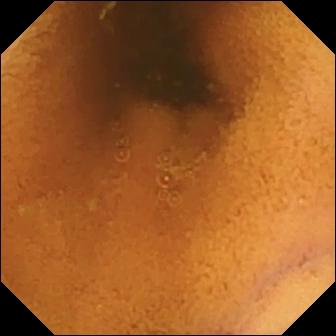VCE view of the small intestine showing normal clean mucosa.